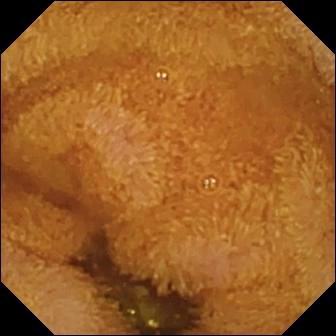Video capsule endoscopy — foreign body (e.g. retained capsule, tablet residue).